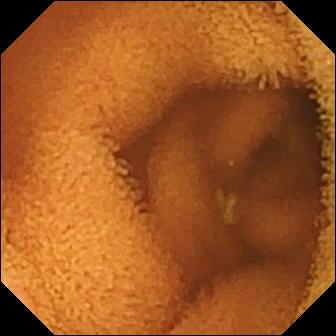Small-bowel capsule endoscopy snapshot. Normal clean mucosa.